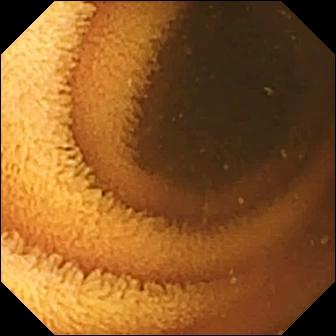Q: What does this VCE image of the small intestine show?
A: Normal clean mucosa.